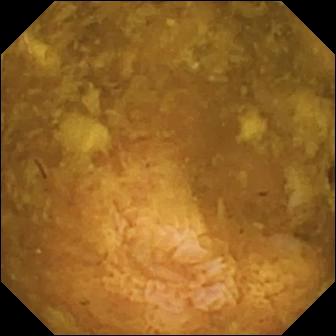VCE image, 336×336. Reduced mucosal view (content or bubbles obscuring the mucosa).